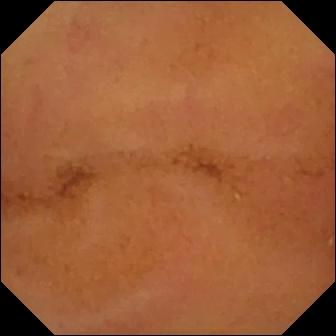PROCEDURE: VCE.
FINDINGS: Normal clean mucosa.